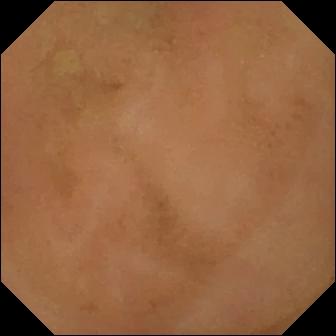VCE — normal clean mucosa.